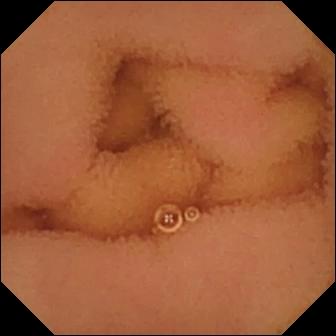PROCEDURE: Video capsule endoscopy.
FINDINGS: Normal clean mucosa.